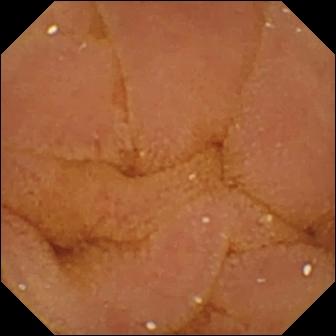modality: capsule endoscopy
finding: normal clean mucosa